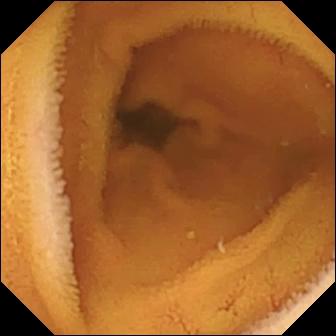{"modality": "capsule endoscopy", "segment": "small bowel", "category": "luminal finding", "finding": "normal clean mucosa"}